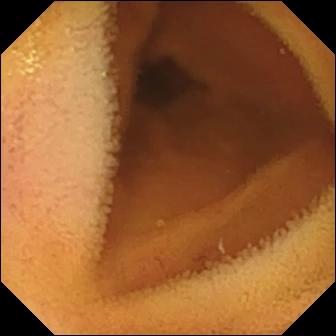Normal clean mucosa — wireless capsule endoscopy frame of the small intestine.